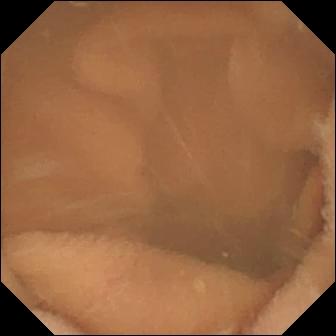Normal clean mucosa (336×336).